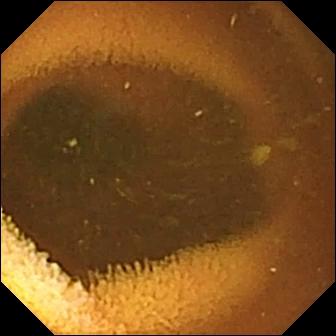VCE. Small bowel. Label: normal clean mucosa.